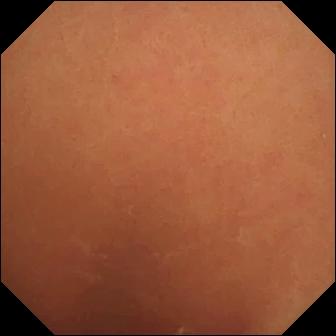modality: capsule endoscopy; observation: normal clean mucosa